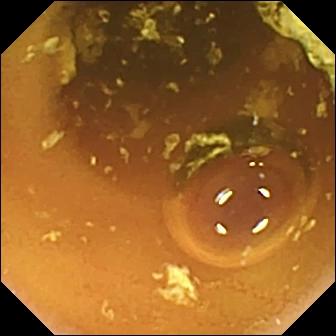Capsule endoscopy. Small intestine. Label: normal clean mucosa.